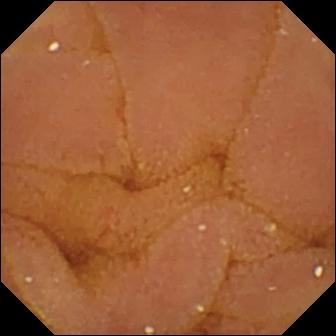VCE frame of the small bowel showing normal clean mucosa.